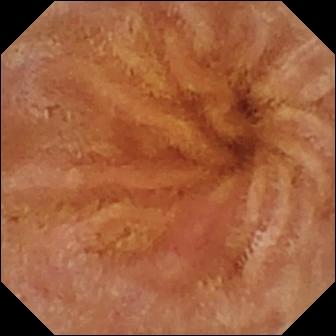{"modality": "wireless capsule endoscopy", "segment": "small bowel", "finding": "normal clean mucosa"}